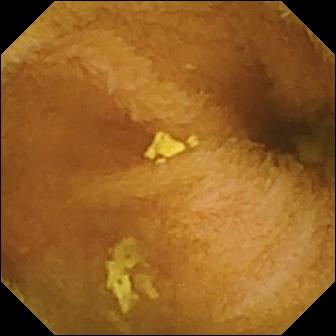PROCEDURE: WCE.
FINDINGS: Normal clean mucosa.